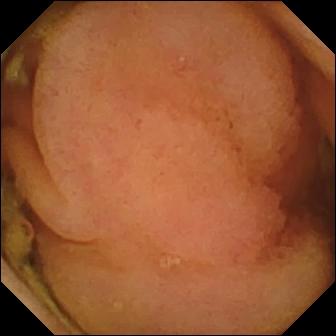Polyp.